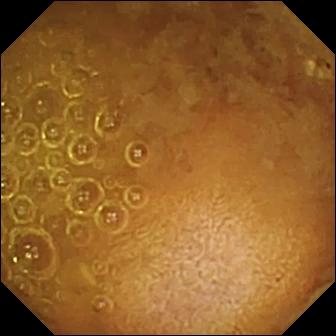VCE view, 336×336. Reduced mucosal view (content or bubbles obscuring the mucosa).